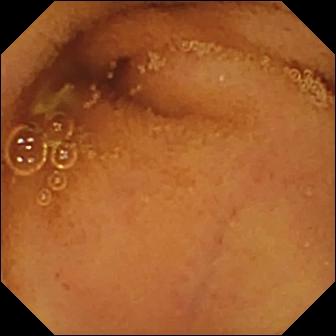Video capsule endoscopy view of the small intestine showing normal clean mucosa.